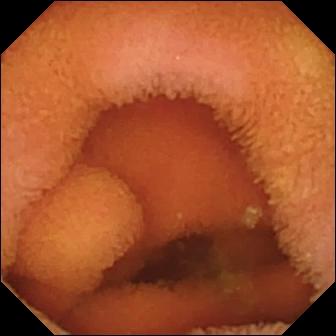Capsule endoscopy — normal clean mucosa.